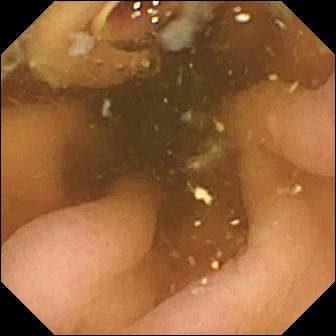VCE snapshot, 336×336. Taken in the pylorus region (the junction between the stomach and the small bowel).